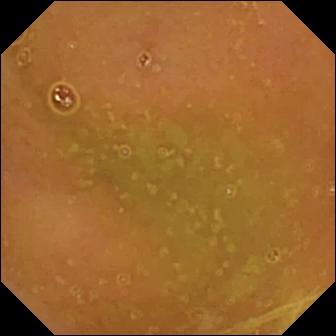Normal clean mucosa — capsule endoscopy image of the small intestine.